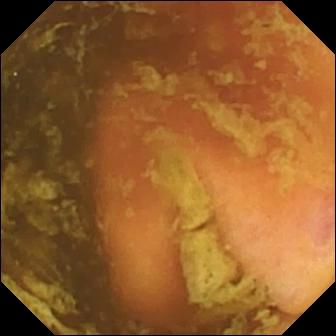Ileo-cecal valve region (the transition from the small bowel to the large bowel).